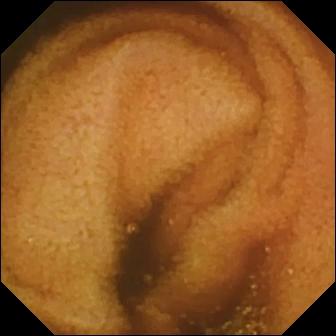Normal clean mucosa (336×336).